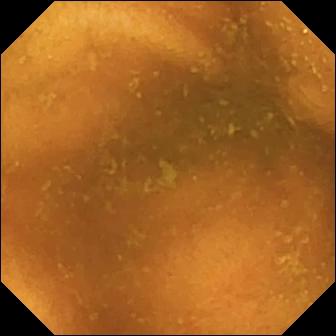PROCEDURE: Small-bowel capsule endoscopy.
FINDINGS: Normal clean mucosa.